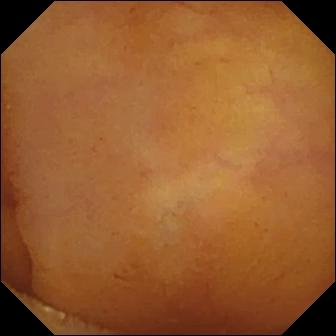VCE image showing normal clean mucosa.